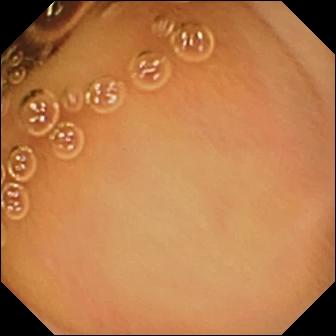Normal clean mucosa — small-bowel capsule endoscopy snapshot of the small intestine.